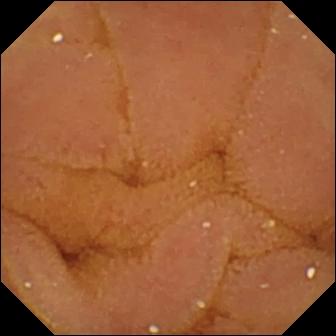Normal clean mucosa — WCE still.